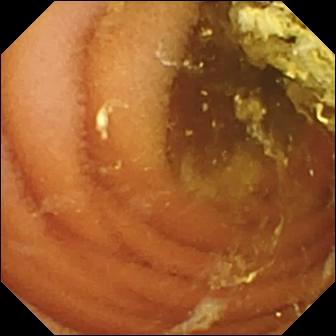WCE — normal clean mucosa.